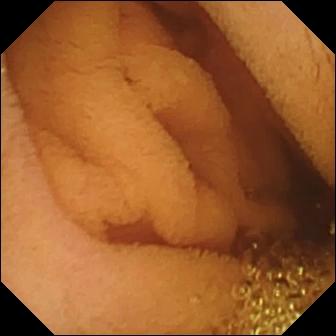Capsule endoscopy snapshot showing normal clean mucosa.